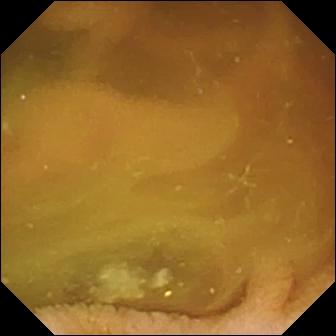VCE — normal clean mucosa.